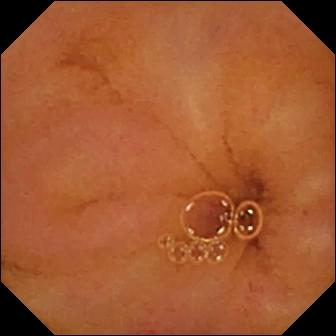- modality: wireless capsule endoscopy
- segment: small intestine
- impression: normal clean mucosa